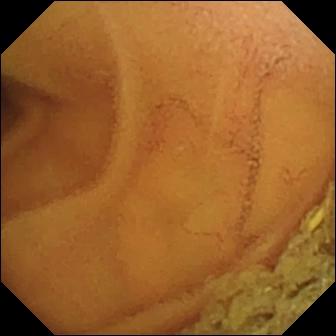Wireless capsule endoscopy. Small intestine. Impression: normal clean mucosa.